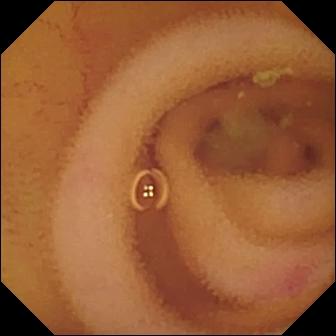This WCE frame shows angiectasia.